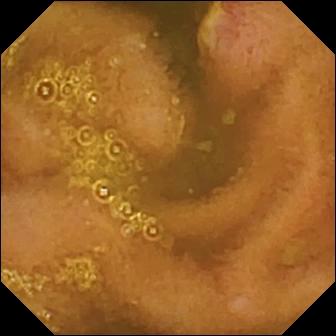VCE frame. Ulcer.